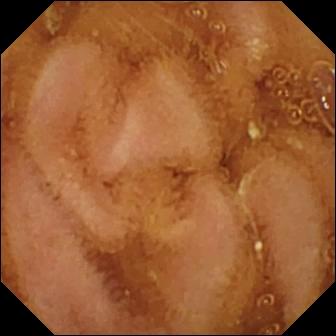Normal clean mucosa.